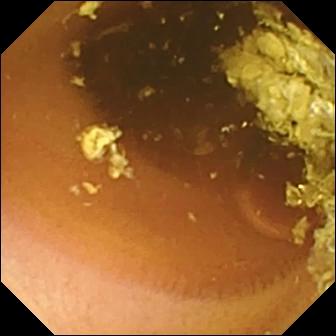PROCEDURE: Video capsule endoscopy.
SEGMENT: Small intestine.
FINDINGS: Normal clean mucosa.